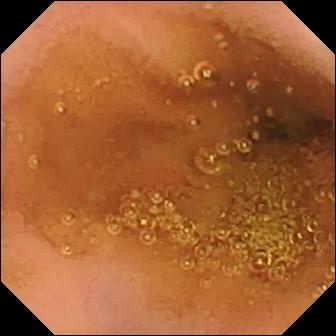WCE. Label: normal clean mucosa.